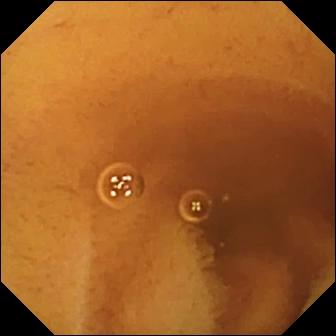Q: What does this video capsule endoscopy still of the small intestine show?
A: Normal clean mucosa.